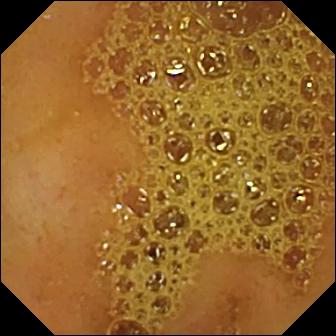VCE still
Video segment: ileo-cecal valve region (where the capsule passes from the small bowel into the large bowel)